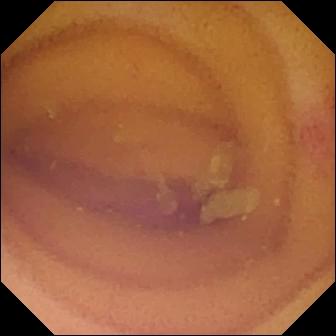modality: video capsule endoscopy
label: angiectasia